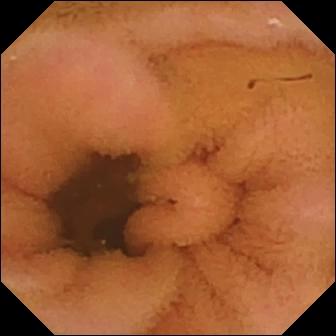WCE — normal clean mucosa.